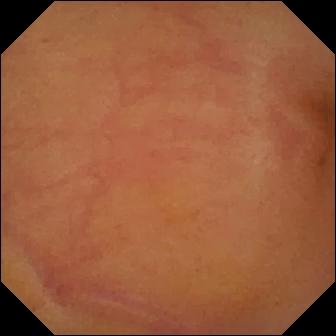modality: WCE; observation: erythema (mucosal redness)